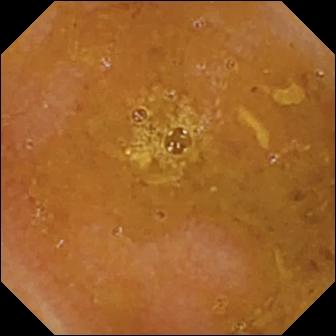Capsule endoscopy image of the small intestine showing reduced mucosal view (content or bubbles obscuring the mucosa).